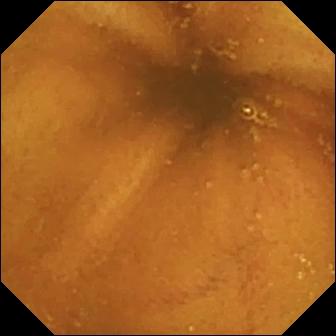Wireless capsule endoscopy image (small bowel). Normal clean mucosa.